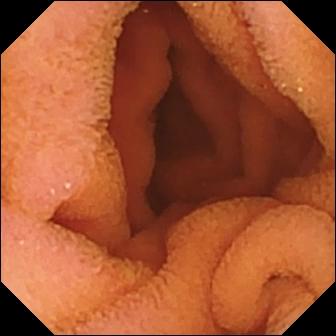modality: WCE; segment: small intestine; observation: normal clean mucosa